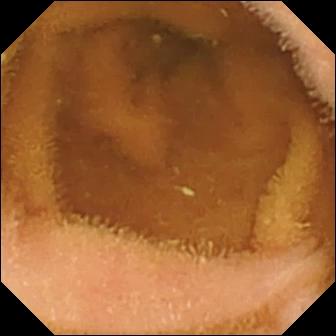Q: What does this small-bowel capsule endoscopy snapshot of the small intestine show?
A: Normal clean mucosa.